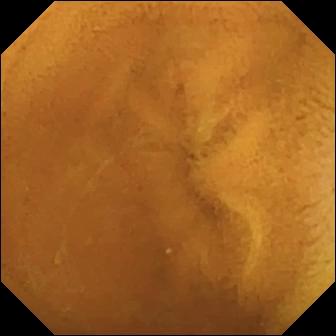Normal clean mucosa — capsule endoscopy view.